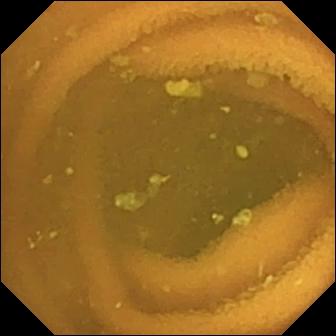{"modality": "VCE", "finding": "normal clean mucosa"}